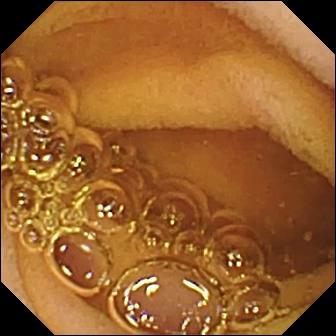Normal clean mucosa — capsule endoscopy still.